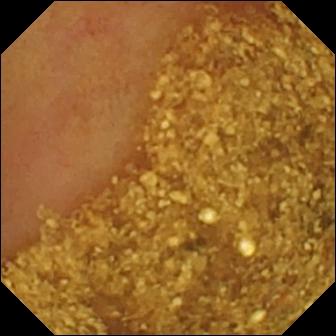- modality: capsule endoscopy
- location: ileo-cecal valve region